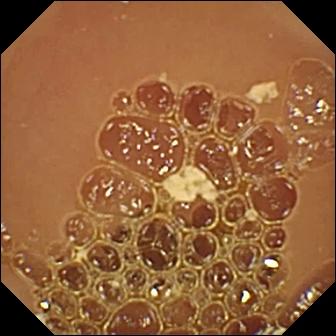Capsule endoscopy snapshot showing normal clean mucosa.